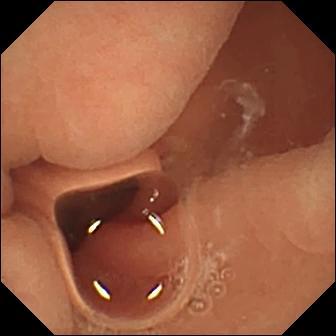{"modality": "WCE", "finding": "normal clean mucosa"}